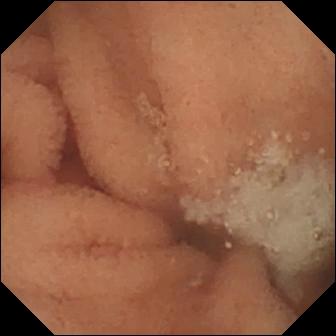Small-bowel capsule endoscopy — normal clean mucosa.